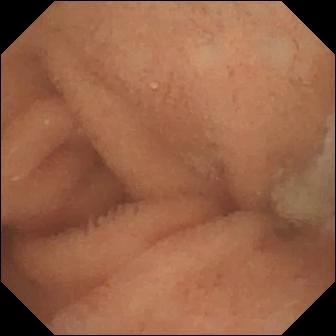Wireless capsule endoscopy snapshot, small bowel
Finding: normal clean mucosa